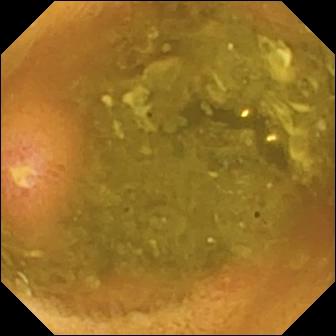Q: What does this VCE snapshot show?
A: Ulcer.